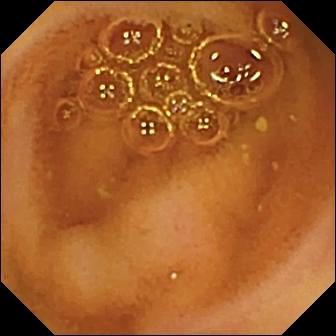modality: WCE | category: luminal finding | impression: normal clean mucosa